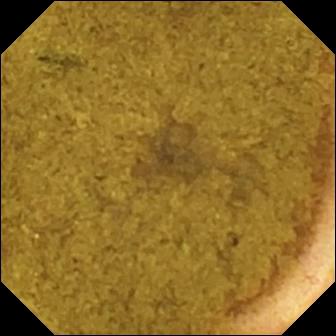This video capsule endoscopy view was taken in the ileo-cecal valve region (where the capsule passes from the small bowel into the large bowel).